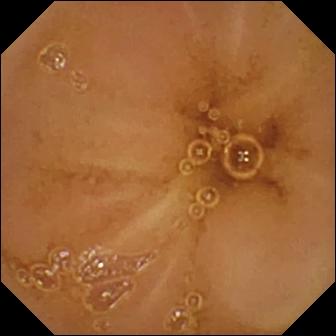Q: What does this wireless capsule endoscopy still of the small bowel show?
A: Normal clean mucosa.